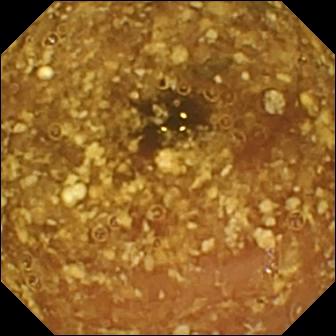VCE — reduced mucosal view (content or bubbles obscuring the mucosa).